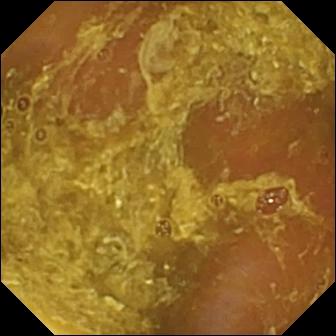This VCE frame shows reduced mucosal view (content or bubbles obscuring the mucosa).